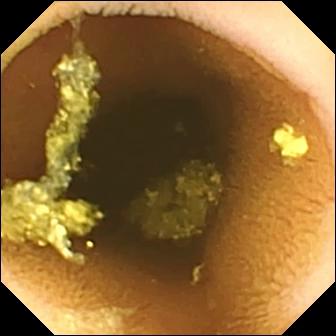{"modality": "VCE", "category": "luminal finding", "finding": "normal clean mucosa"}